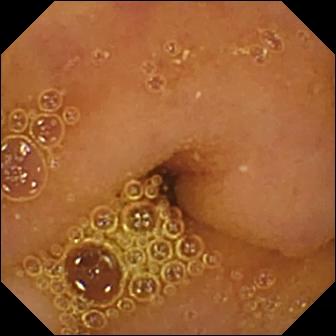Video capsule endoscopy snapshot of the small bowel showing normal clean mucosa.